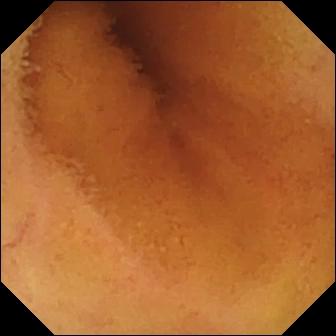modality: small-bowel capsule endoscopy
segment: small intestine
observation: normal clean mucosa